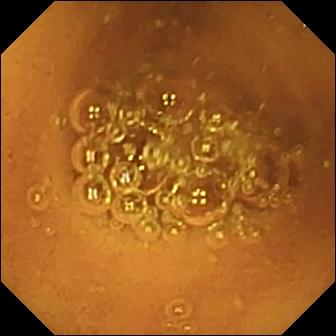WCE — normal clean mucosa.